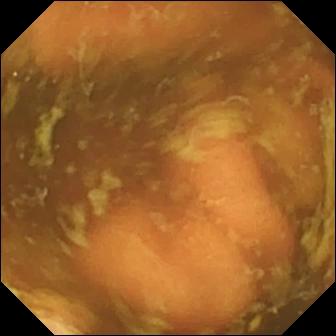modality: small-bowel capsule endoscopy | video segment: ileo-cecal valve region (the transition from the small bowel to the large bowel)